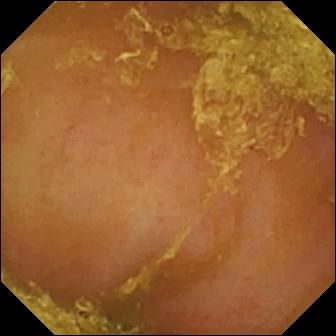Q: What does this WCE frame of the small intestine show?
A: Reduced mucosal view (content or bubbles obscuring the mucosa).